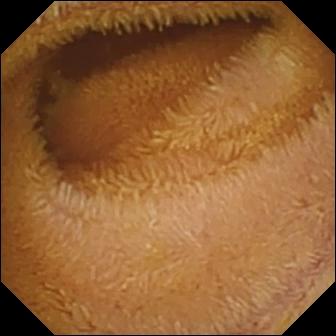modality: small-bowel capsule endoscopy; category: luminal finding; observation: normal clean mucosa